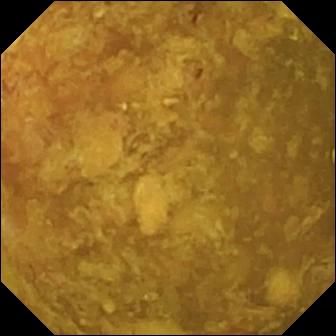Reduced mucosal view (content or bubbles obscuring the mucosa) — VCE still of the small intestine.